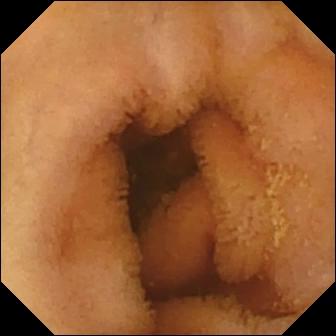VCE. Impression: normal clean mucosa.